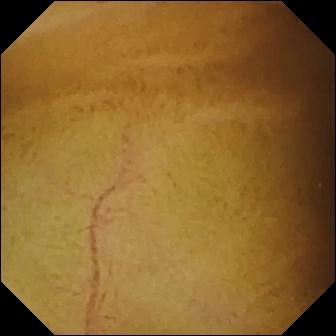- modality: small-bowel capsule endoscopy
- observation: normal clean mucosa